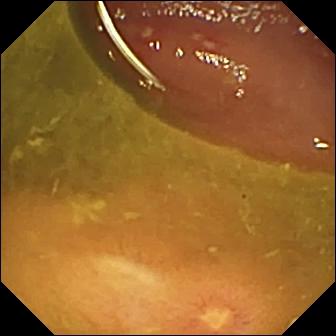Small-bowel capsule endoscopy image
Observation: ulcer